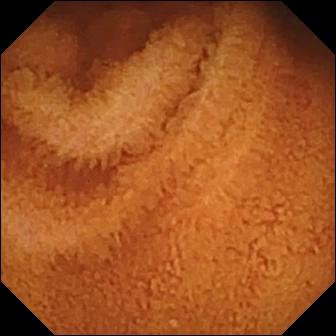Normal clean mucosa (336×336).